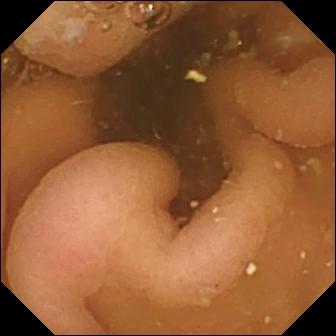WCE — pylorus region (where the capsule passes from the stomach into the small bowel).